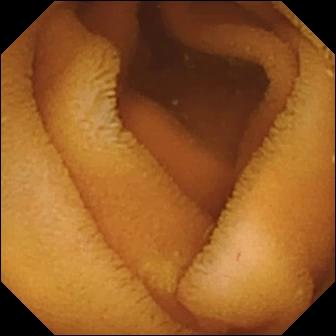VCE snapshot showing normal clean mucosa.